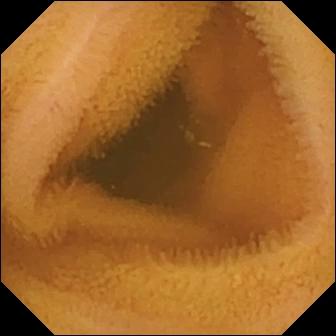Normal clean mucosa — small-bowel capsule endoscopy still of the small intestine.